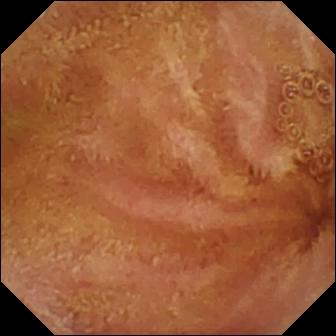WCE frame
Observation: normal clean mucosa